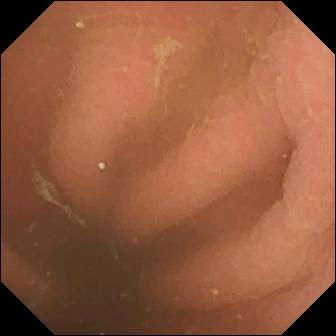Video capsule endoscopy image
Position: pylorus region